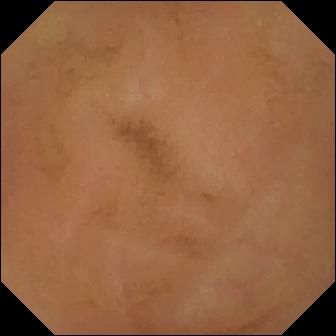modality: capsule endoscopy; segment: small intestine; observation: normal clean mucosa